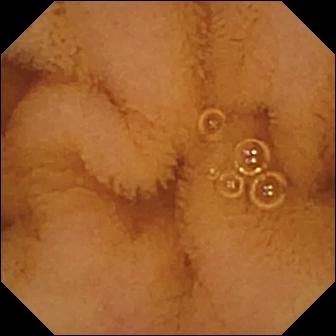Normal clean mucosa — video capsule endoscopy snapshot.